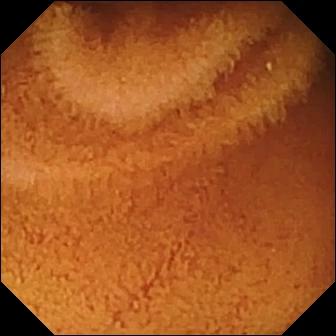modality: video capsule endoscopy | segment: small intestine | observation: normal clean mucosa